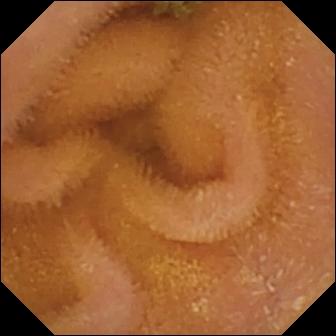Normal clean mucosa (336×336).